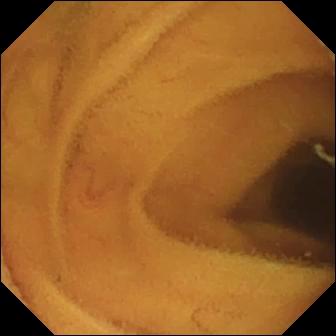{"modality": "video capsule endoscopy", "finding": "normal clean mucosa"}